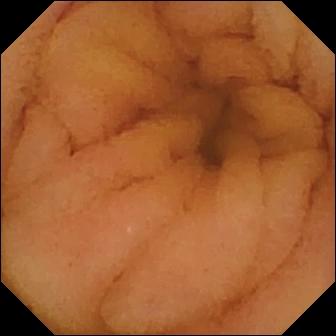VCE — normal clean mucosa.